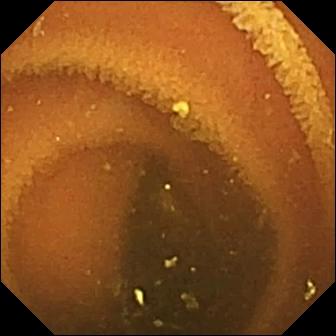Normal clean mucosa (336×336).